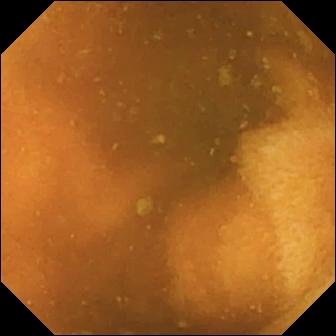Capsule endoscopy snapshot
Label: normal clean mucosa